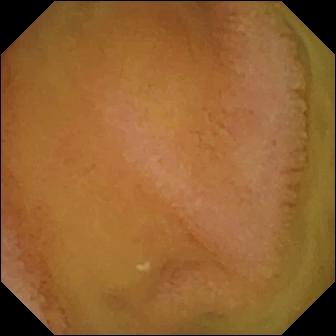Normal clean mucosa.